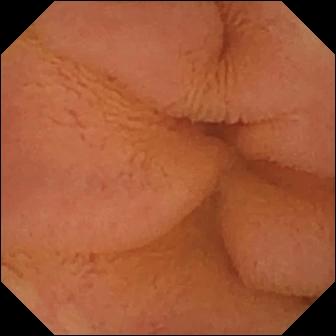Normal clean mucosa — VCE still.